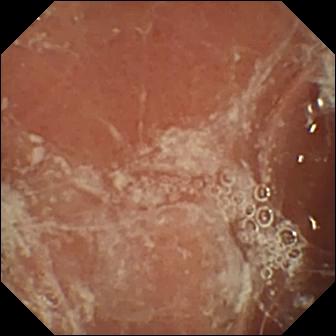{"modality": "small-bowel capsule endoscopy", "location": "pylorus region"}